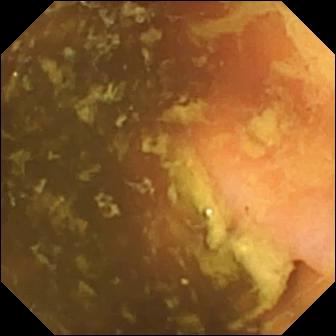Q: Where in the digestive tract was this wireless capsule endoscopy snapshot taken?
A: Ileo-cecal valve region (where the capsule passes from the small bowel into the large bowel).